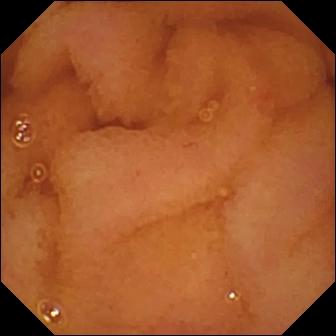This capsule endoscopy snapshot shows normal clean mucosa.